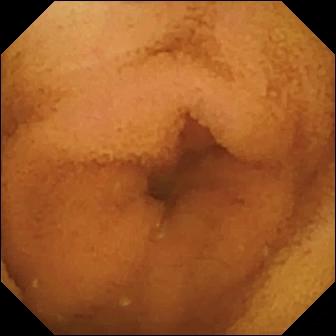This capsule endoscopy image of the small bowel shows normal clean mucosa.